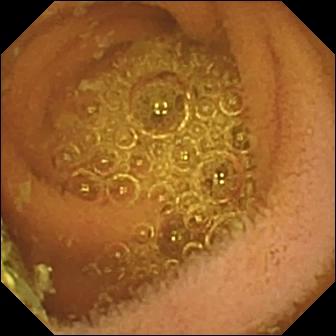modality: VCE | segment: small bowel | category: luminal finding | impression: normal clean mucosa